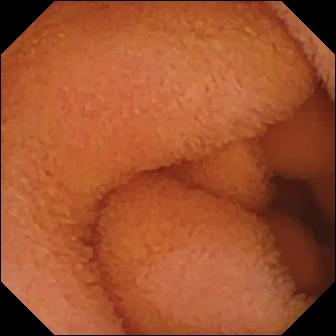modality: small-bowel capsule endoscopy | segment: small bowel | category: luminal finding | label: normal clean mucosa